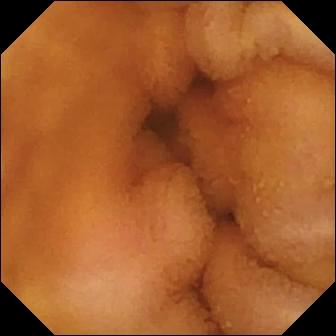PROCEDURE: Capsule endoscopy.
FINDINGS: Normal clean mucosa.